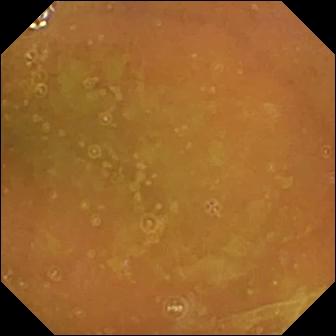{"modality": "video capsule endoscopy", "category": "luminal finding", "finding": "normal clean mucosa"}